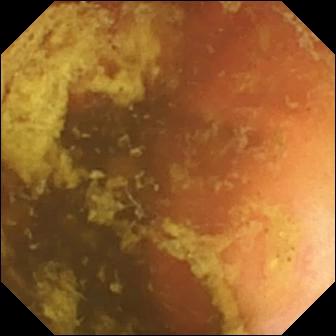Ileo-cecal valve region (where the capsule passes from the small bowel into the large bowel).